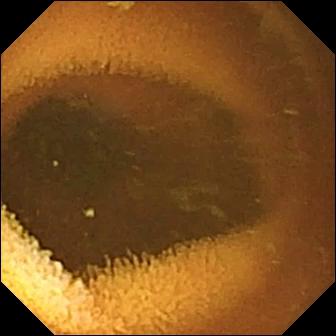This VCE frame shows normal clean mucosa.